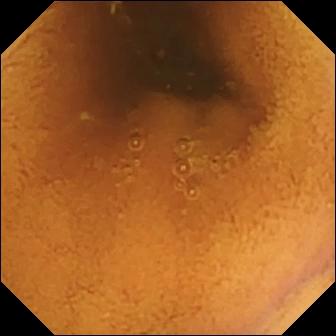Video capsule endoscopy frame. Normal clean mucosa.